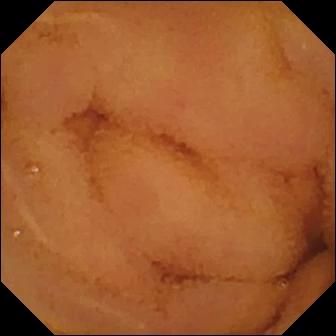modality: capsule endoscopy
segment: small bowel
impression: normal clean mucosa